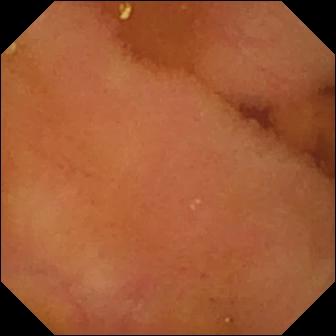Capsule endoscopy — normal clean mucosa.